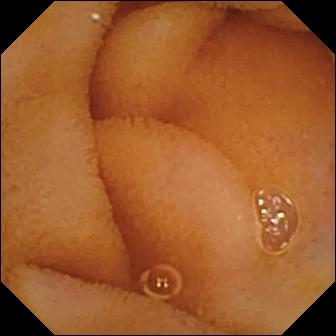Q: What does this VCE view show?
A: Normal clean mucosa.